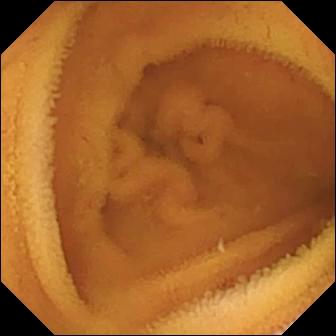Capsule endoscopy. Luminal finding. Label: normal clean mucosa.